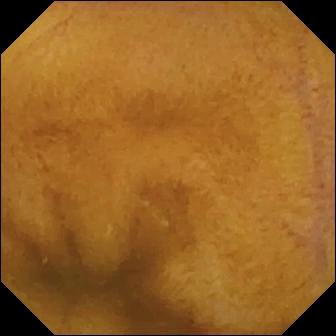Normal clean mucosa — VCE still.